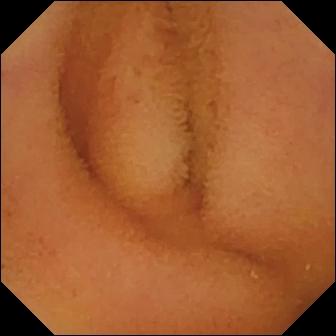This video capsule endoscopy view of the small intestine shows normal clean mucosa.